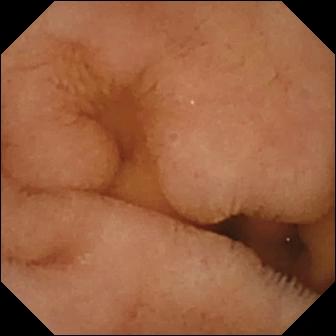PROCEDURE: Capsule endoscopy.
FINDINGS: Normal clean mucosa.